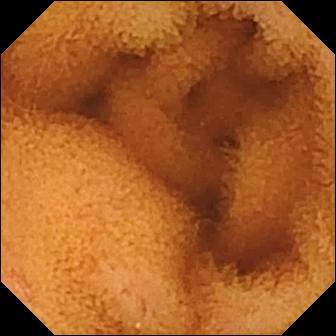Video capsule endoscopy snapshot (small intestine), 336×336. Normal clean mucosa.